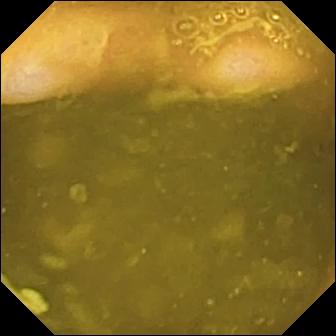Ileo-cecal valve region.